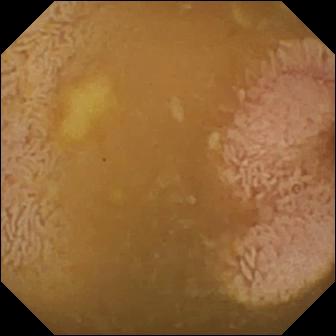Small-bowel capsule endoscopy — ileo-cecal valve region (the transition from the small bowel to the large bowel).